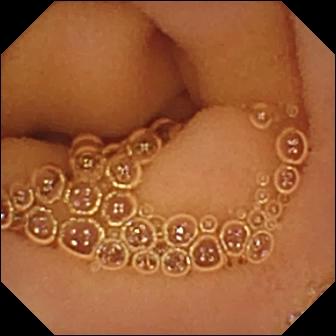Small-bowel capsule endoscopy frame, small bowel
Impression: normal clean mucosa